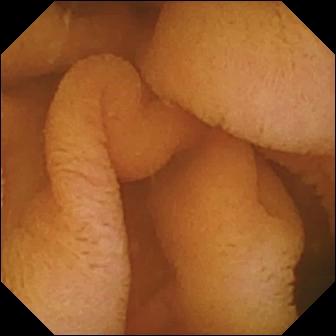WCE image of the small bowel showing normal clean mucosa.